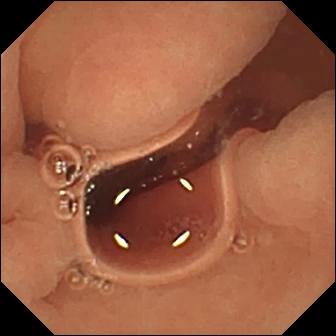Normal clean mucosa — wireless capsule endoscopy image.